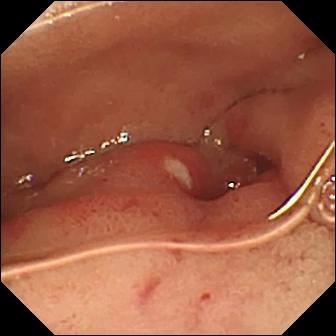Q: What does this capsule endoscopy view show?
A: Ulcer.